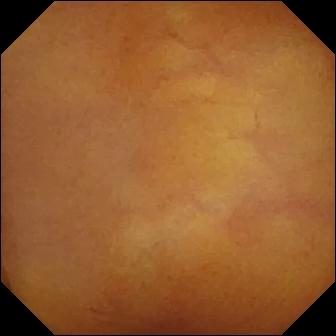Normal clean mucosa.